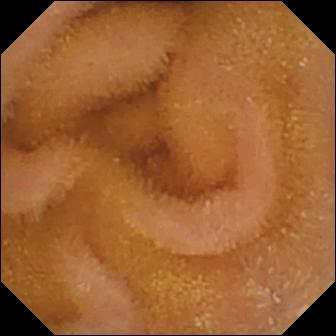WCE image of the small bowel showing normal clean mucosa.